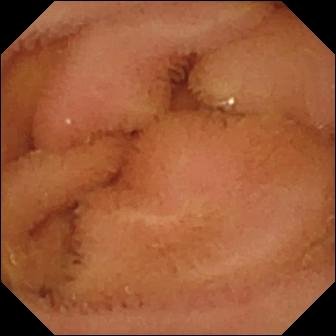- modality: WCE
- segment: small intestine
- category: luminal finding
- label: normal clean mucosa